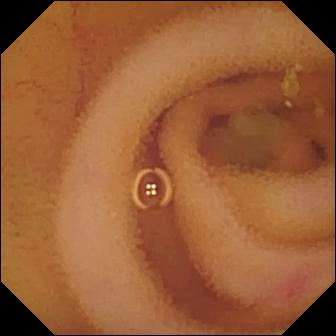{"modality": "capsule endoscopy", "finding": "angiectasia"}